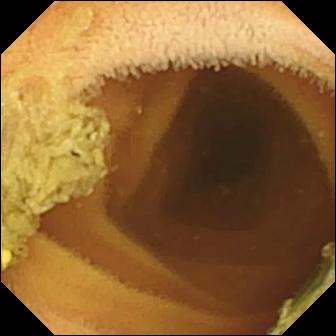Video capsule endoscopy view (small intestine). Normal clean mucosa.